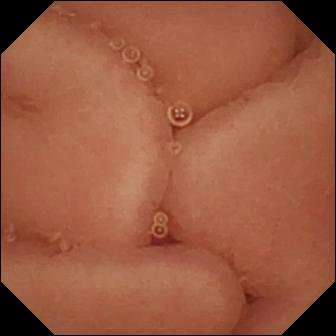PROCEDURE: Small-bowel capsule endoscopy.
VIDEO SEGMENT: Pylorus region (where the capsule passes from the stomach into the small bowel).